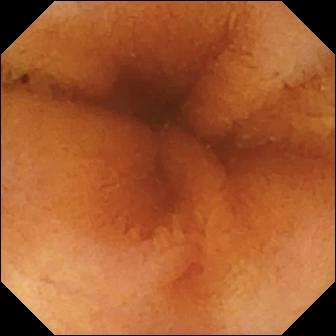Q: What does this WCE view show?
A: Normal clean mucosa.